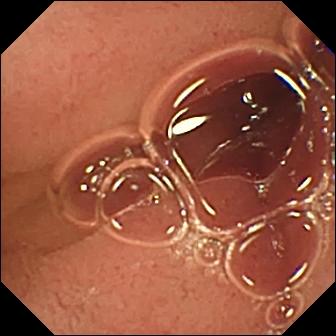Pylorus region (where the capsule passes from the stomach into the small bowel).